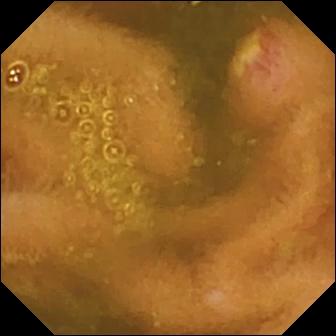This wireless capsule endoscopy image shows ulcer.